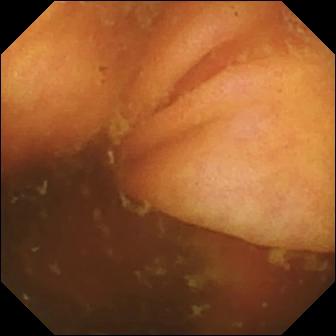VCE — ileo-cecal valve region (the transition from the small bowel to the large bowel).